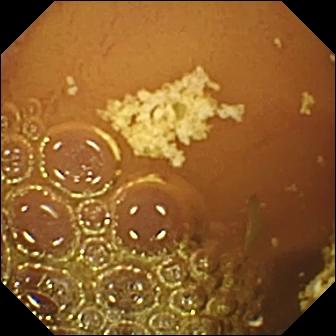VCE frame of the small intestine showing normal clean mucosa.